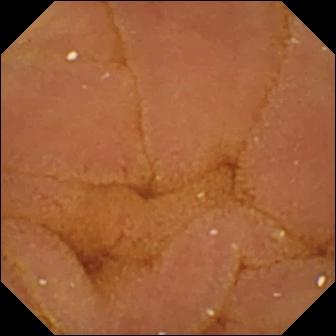Wireless capsule endoscopy view showing normal clean mucosa.